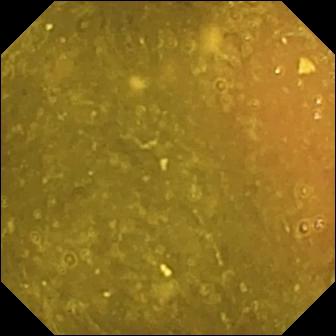- modality: WCE
- position: ileo-cecal valve region